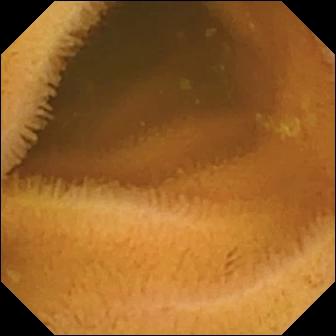PROCEDURE: WCE.
SEGMENT: Small bowel.
FINDINGS: Normal clean mucosa.